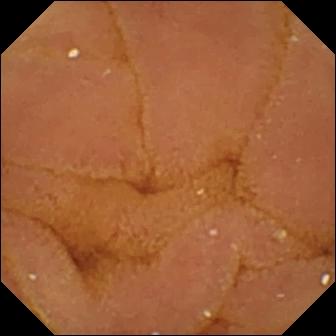Normal clean mucosa (336×336).